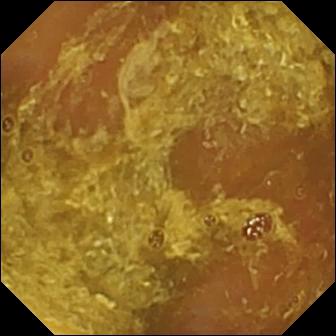Wireless capsule endoscopy view of the small intestine showing reduced mucosal view (content or bubbles obscuring the mucosa).